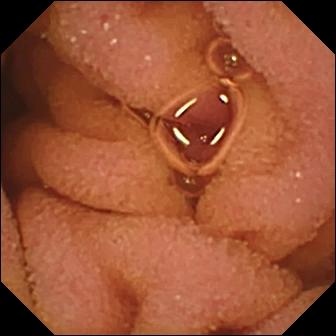- modality: capsule endoscopy
- finding: normal clean mucosa